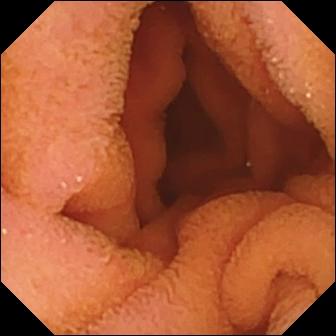WCE. Finding: normal clean mucosa.